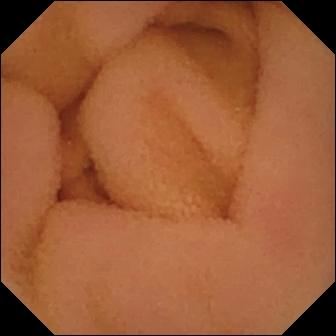This small-bowel capsule endoscopy frame of the small bowel shows normal clean mucosa.